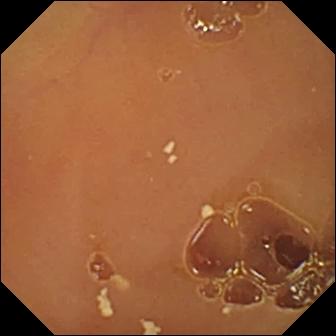Wireless capsule endoscopy. Small intestine. Luminal finding. Observation: normal clean mucosa.